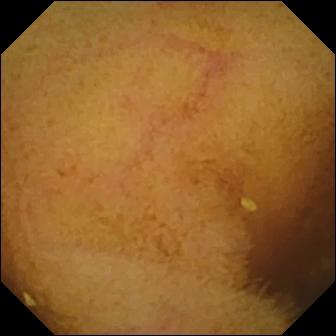- modality: small-bowel capsule endoscopy
- category: luminal finding
- label: normal clean mucosa